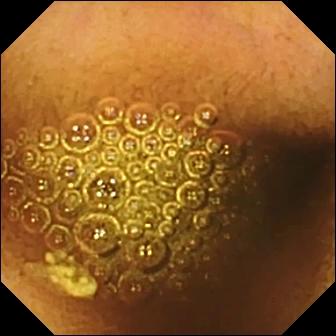This video capsule endoscopy image shows reduced mucosal view (content or bubbles obscuring the mucosa).